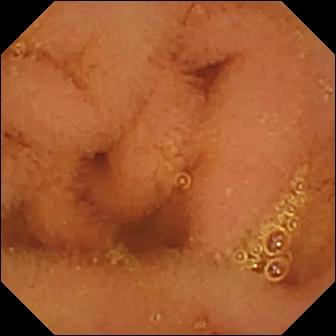Normal clean mucosa — VCE frame of the small intestine.